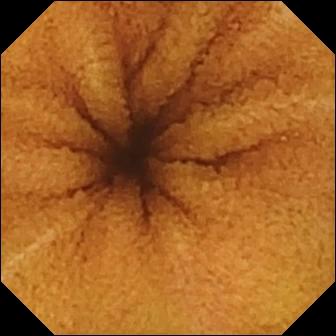{"modality": "wireless capsule endoscopy", "finding": "normal clean mucosa"}